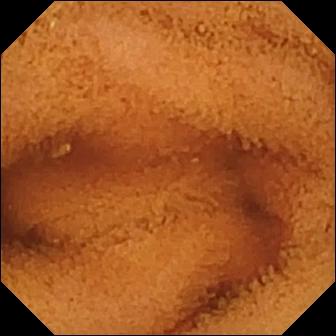PROCEDURE: Wireless capsule endoscopy.
FINDINGS: Normal clean mucosa.